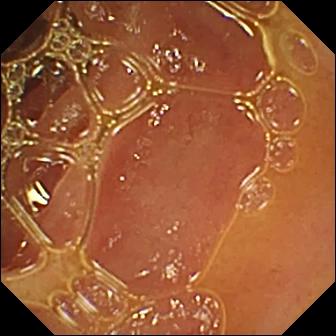Video capsule endoscopy image, small intestine
Observation: normal clean mucosa